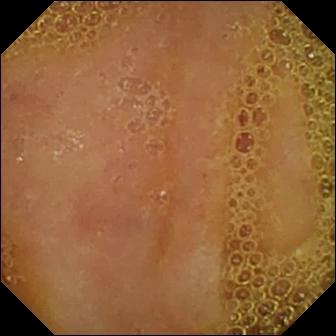PROCEDURE: Capsule endoscopy.
SEGMENT: Small bowel.
FINDINGS: Normal clean mucosa.